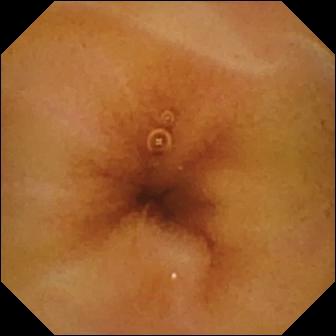Small-bowel capsule endoscopy. Label: normal clean mucosa.